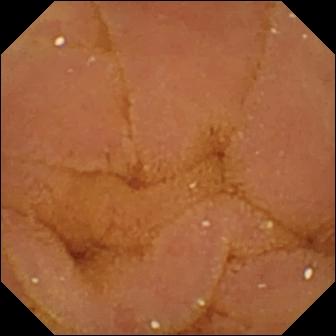Normal clean mucosa.